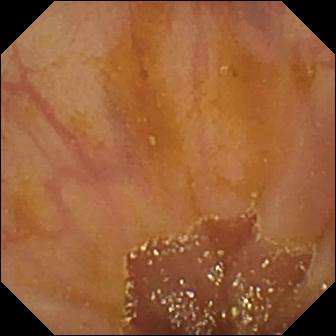VCE. Location: ileo-cecal valve region (the transition from the small bowel to the large bowel).